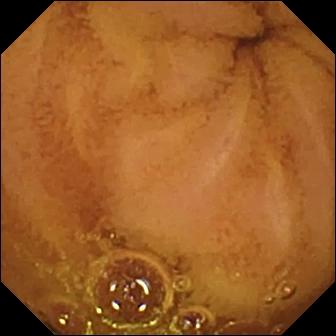Capsule endoscopy. Small intestine. Impression: normal clean mucosa.